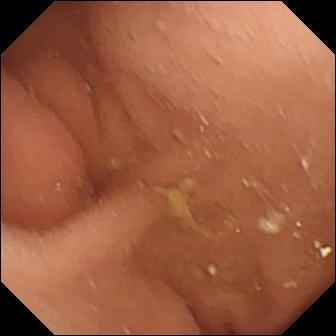{"modality": "video capsule endoscopy", "location": "pylorus region (where the capsule passes from the stomach into the small bowel)"}